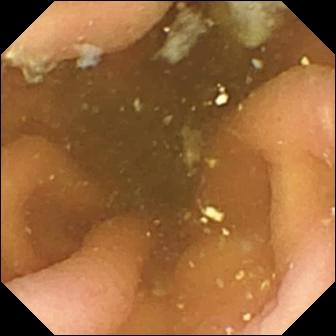Q: Where in the digestive tract was this wireless capsule endoscopy view taken?
A: Pylorus region (where the capsule passes from the stomach into the small bowel).